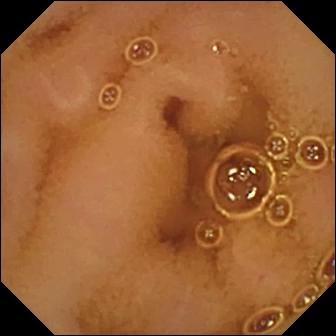modality: capsule endoscopy
segment: small bowel
category: luminal finding
finding: normal clean mucosa